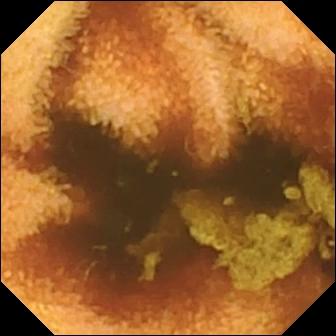modality: capsule endoscopy
segment: small intestine
impression: normal clean mucosa